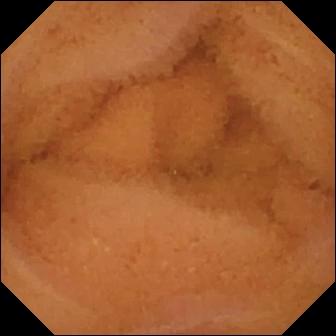- modality: VCE
- segment: small bowel
- category: luminal finding
- impression: normal clean mucosa